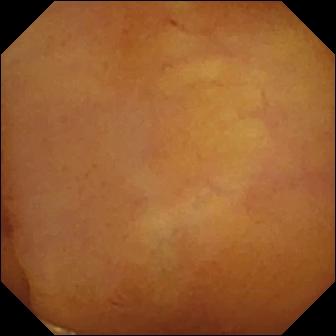{"modality": "WCE", "segment": "small bowel", "finding": "normal clean mucosa"}